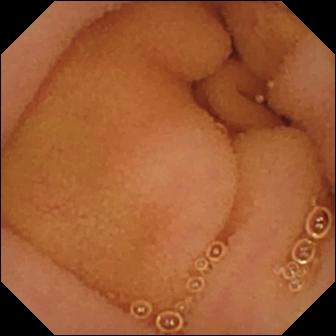Video capsule endoscopy snapshot of the small intestine showing normal clean mucosa.